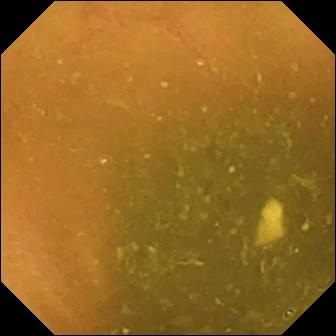VCE still
Position: ileo-cecal valve region